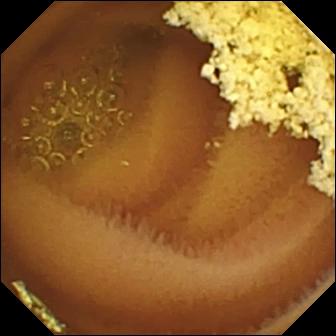modality: video capsule endoscopy
segment: small intestine
finding: normal clean mucosa